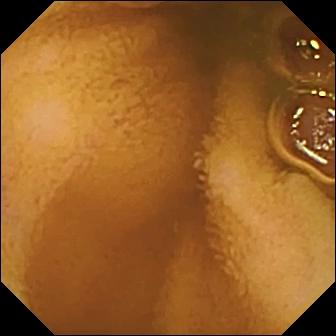Normal clean mucosa — VCE snapshot of the small bowel.